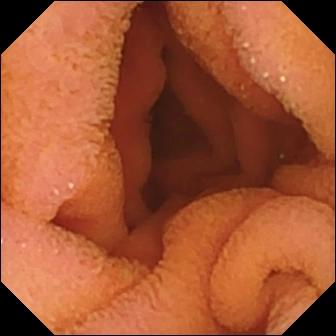- modality: wireless capsule endoscopy
- category: luminal finding
- observation: normal clean mucosa